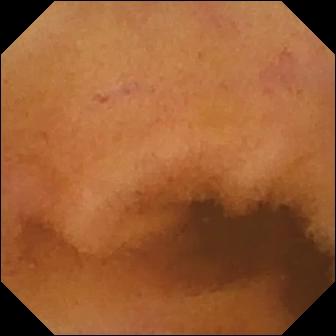This wireless capsule endoscopy view shows normal clean mucosa.